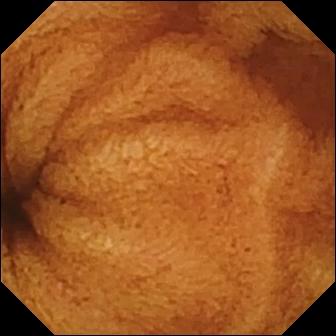Normal clean mucosa — VCE frame.